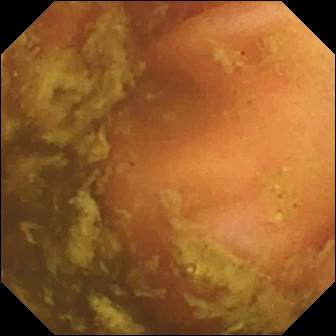WCE snapshot. Taken in the ileo-cecal valve region (the transition from the small bowel to the large bowel).